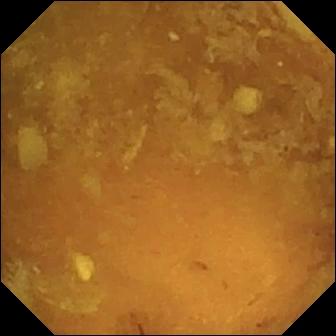PROCEDURE: VCE.
FINDINGS: Reduced mucosal view (content or bubbles obscuring the mucosa).